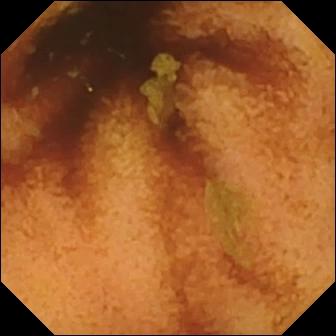Capsule endoscopy still
Impression: normal clean mucosa